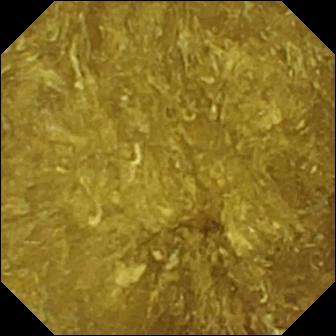Q: What does this capsule endoscopy view of the small bowel show?
A: Reduced mucosal view (content or bubbles obscuring the mucosa).